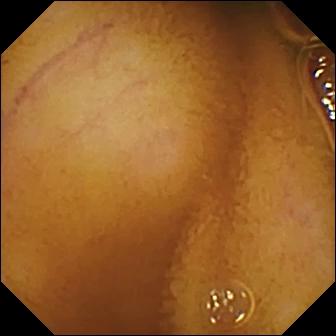WCE — normal clean mucosa.